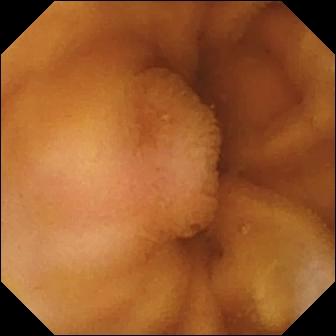Small-bowel capsule endoscopy — normal clean mucosa.